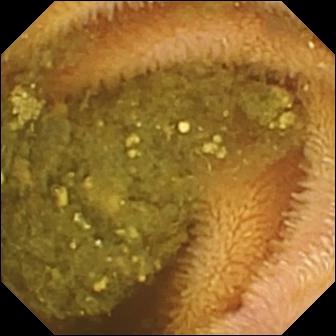Q: What does this small-bowel capsule endoscopy snapshot show?
A: Reduced mucosal view (content or bubbles obscuring the mucosa).